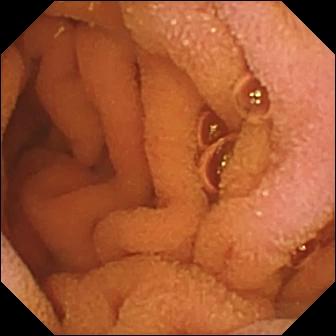Wireless capsule endoscopy still. Normal clean mucosa.